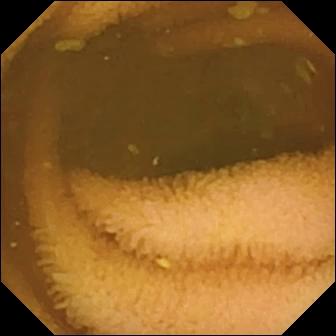Q: What does this wireless capsule endoscopy image of the small intestine show?
A: Normal clean mucosa.